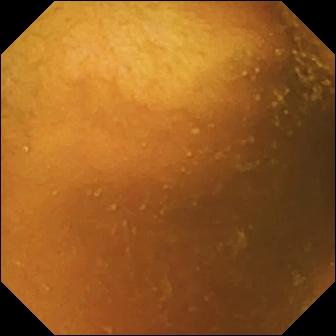Capsule endoscopy view of the small bowel showing normal clean mucosa.